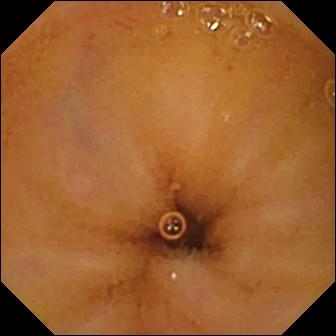PROCEDURE: Video capsule endoscopy.
FINDINGS: Normal clean mucosa.